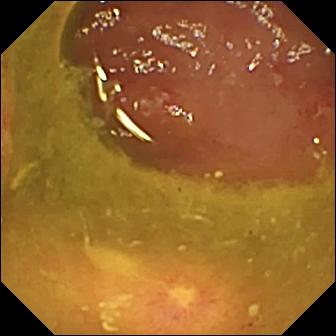PROCEDURE: Small-bowel capsule endoscopy.
FINDINGS: Ulcer.